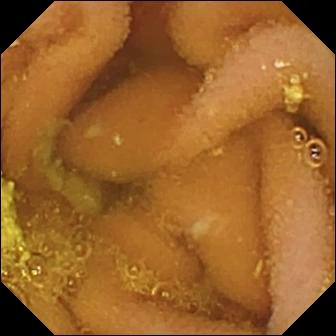Capsule endoscopy. Observation: lymphangiectasia.